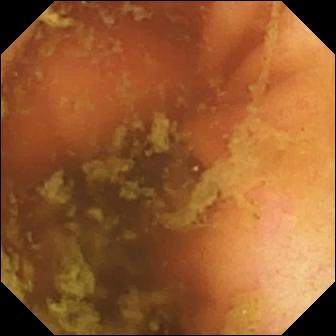modality: WCE
category: anatomical landmark
label: ileo-cecal valve region (the transition from the small bowel to the large bowel)